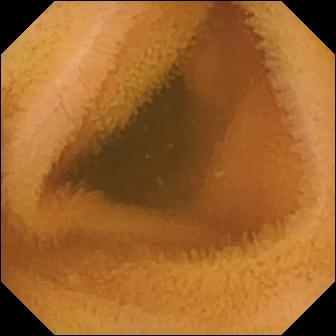Q: What does this video capsule endoscopy view of the small bowel show?
A: Normal clean mucosa.